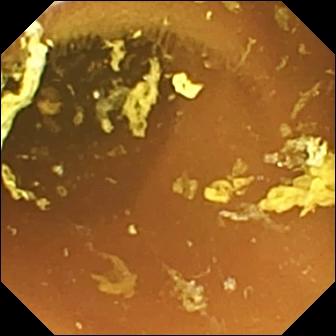Normal clean mucosa — video capsule endoscopy view.